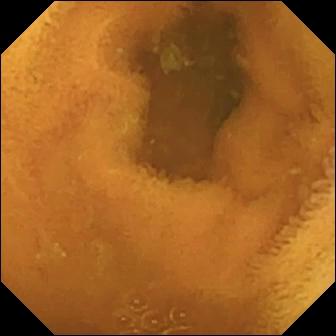VCE. Impression: normal clean mucosa.